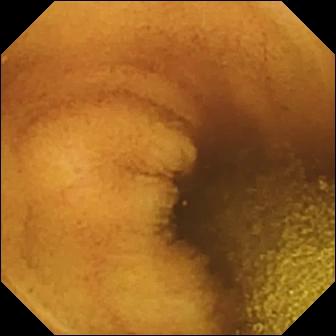Q: What does this WCE still of the small bowel show?
A: Normal clean mucosa.